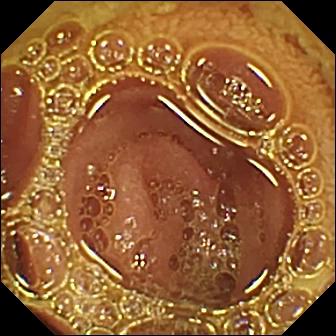modality: capsule endoscopy | segment: small intestine | finding: normal clean mucosa